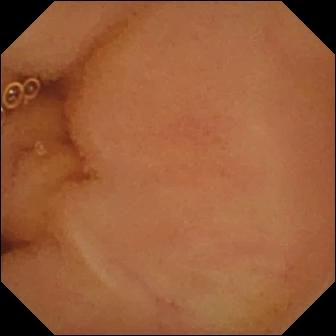modality: WCE
category: luminal finding
observation: normal clean mucosa